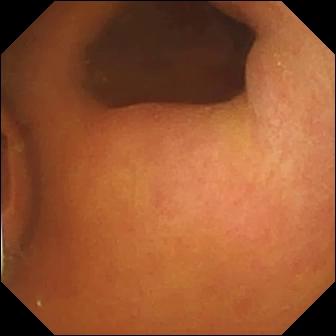- modality: wireless capsule endoscopy
- finding: foreign body (e.g. retained capsule, tablet residue)